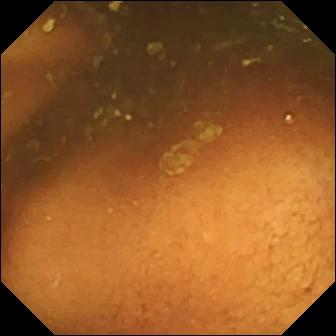PROCEDURE: Capsule endoscopy.
LABEL: Ileo-cecal valve region.